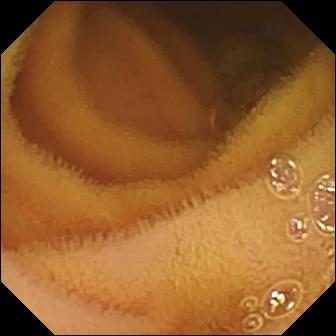- modality: video capsule endoscopy
- category: luminal finding
- observation: normal clean mucosa